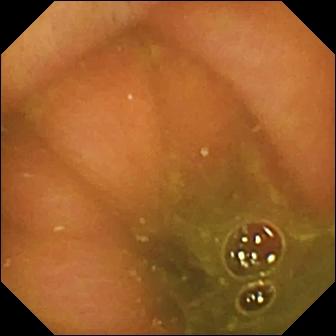VCE. Video segment: ileo-cecal valve region.